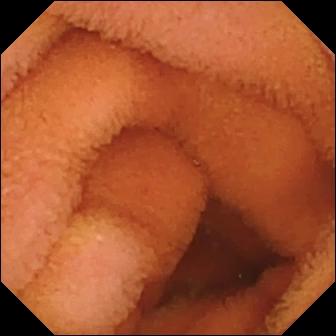This video capsule endoscopy frame shows normal clean mucosa.